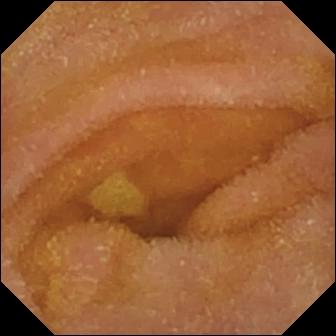Small-bowel capsule endoscopy. Observation: normal clean mucosa.